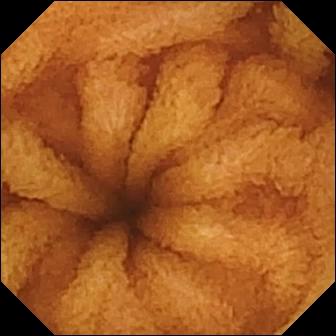PROCEDURE: Small-bowel capsule endoscopy.
SEGMENT: Small intestine.
FINDINGS: Normal clean mucosa.